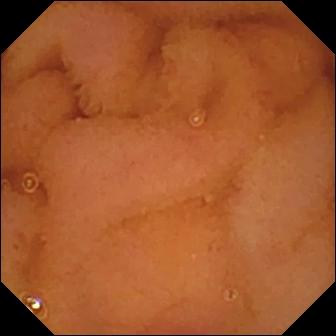modality: WCE; segment: small bowel; observation: normal clean mucosa